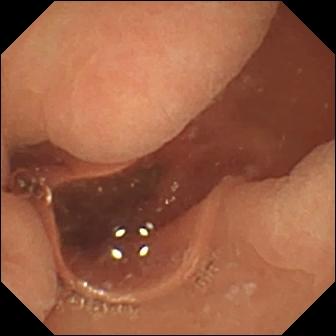{"modality": "small-bowel capsule endoscopy", "finding": "normal clean mucosa"}